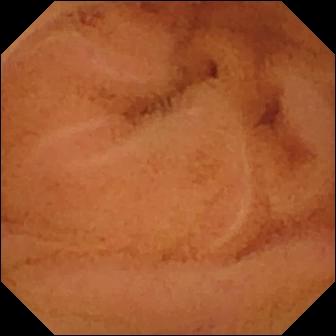WCE snapshot of the small intestine showing normal clean mucosa.